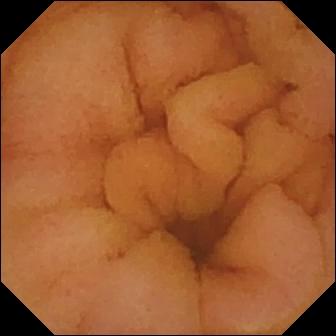Small-bowel capsule endoscopy. Small bowel. Observation: normal clean mucosa.